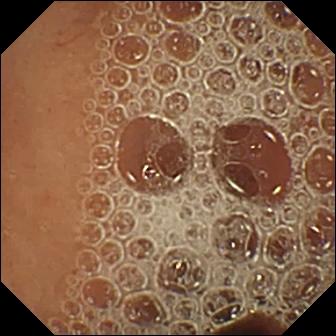Q: What does this video capsule endoscopy frame show?
A: Normal clean mucosa.